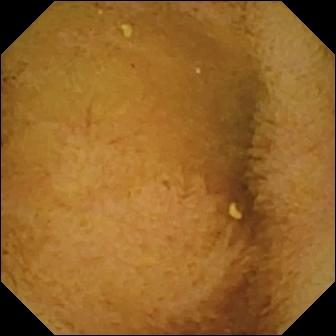Normal clean mucosa — VCE view.